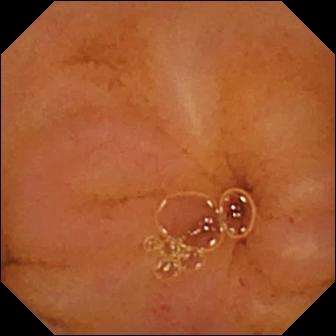This video capsule endoscopy snapshot shows normal clean mucosa.